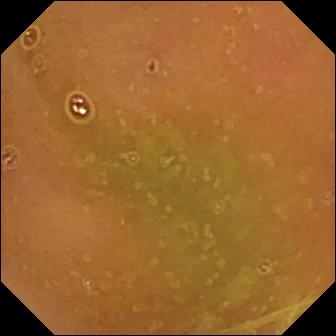Video capsule endoscopy still showing normal clean mucosa.